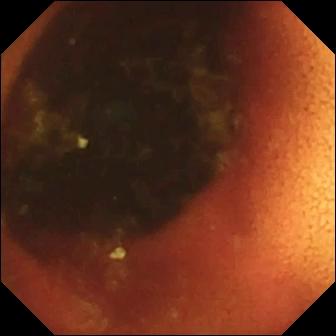Q: Where in the digestive tract was this small-bowel capsule endoscopy frame taken?
A: Ileo-cecal valve region (the transition from the small bowel to the large bowel).